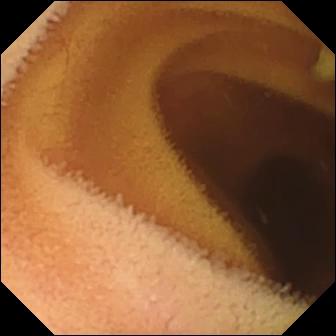Normal clean mucosa — video capsule endoscopy snapshot.